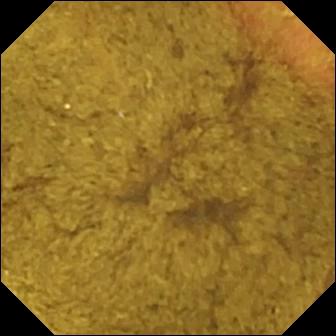VCE frame. Taken in the ileo-cecal valve region (the transition from the small bowel to the large bowel).